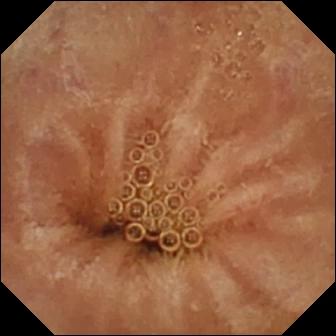WCE — normal clean mucosa.